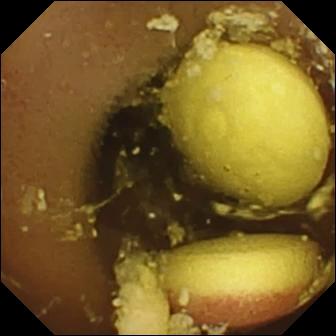Capsule endoscopy frame showing foreign body (e.g. retained capsule, tablet residue).